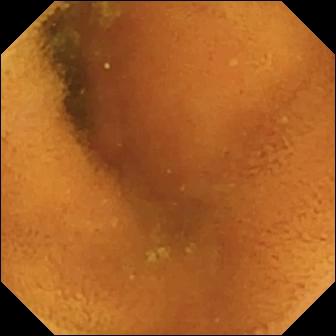Normal clean mucosa (336×336).